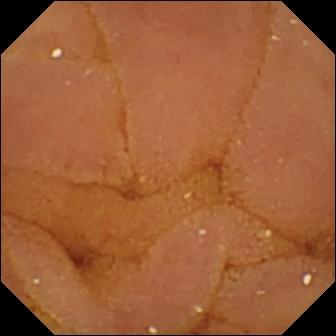Capsule endoscopy. Small bowel. Luminal finding. Observation: normal clean mucosa.